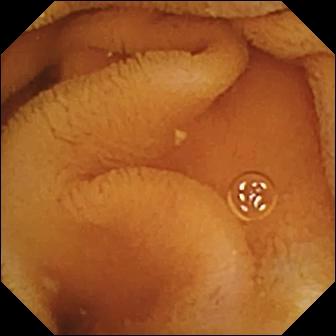Capsule endoscopy view
Observation: normal clean mucosa